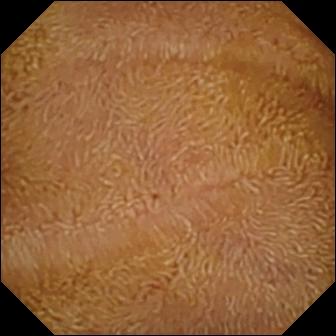Wireless capsule endoscopy frame, small bowel
Impression: normal clean mucosa